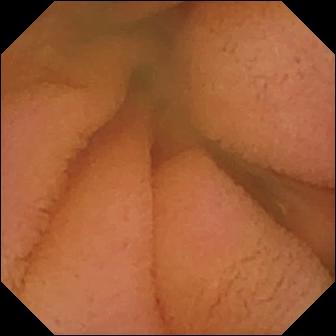VCE frame
Finding: normal clean mucosa